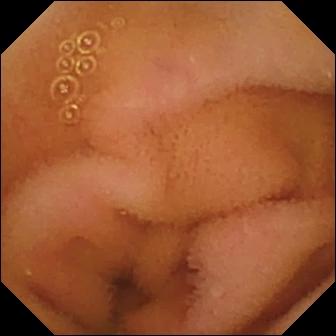This WCE view of the small intestine shows normal clean mucosa.